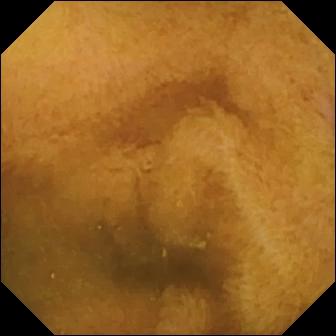WCE image
Label: normal clean mucosa